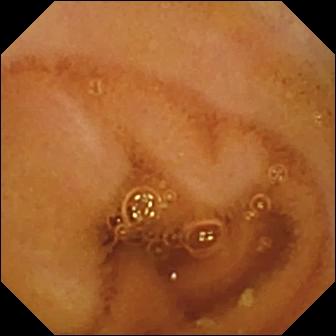Normal clean mucosa.